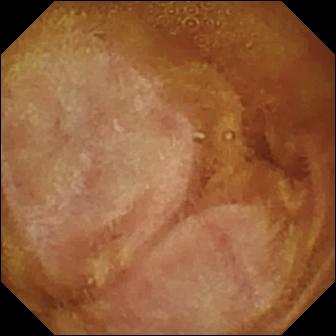Video capsule endoscopy. Small bowel. Impression: normal clean mucosa.